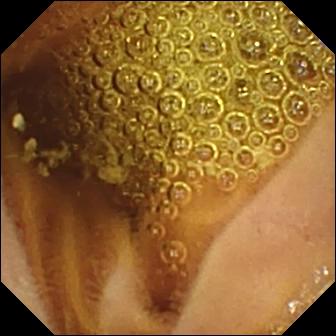Q: What does this capsule endoscopy snapshot show?
A: Normal clean mucosa.